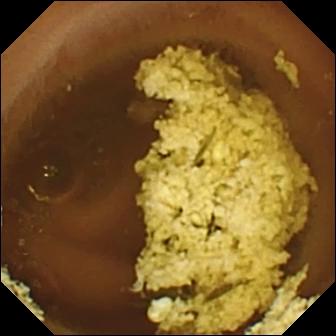{"modality": "VCE", "segment": "small bowel", "category": "luminal finding", "finding": "normal clean mucosa"}